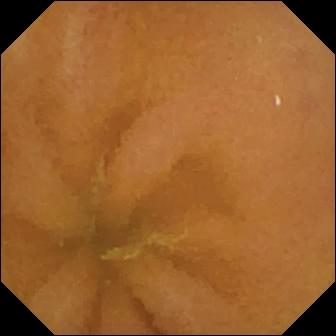This VCE still of the small intestine shows normal clean mucosa.